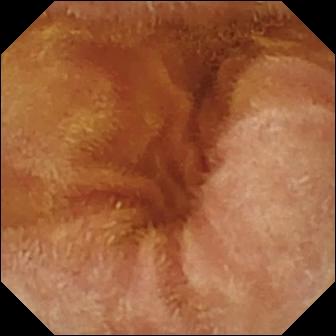modality: wireless capsule endoscopy | segment: small bowel | category: luminal finding | impression: normal clean mucosa